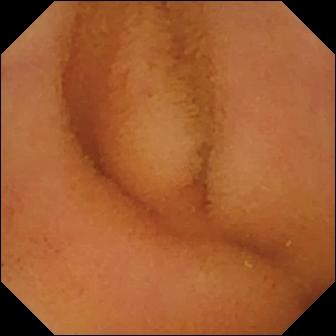VCE view of the small bowel showing normal clean mucosa.